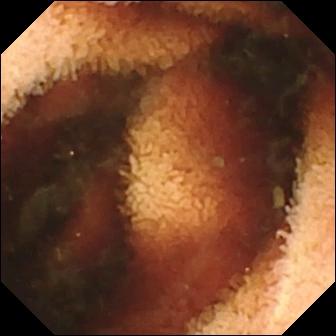Wireless capsule endoscopy snapshot
Impression: fresh blood in the lumen